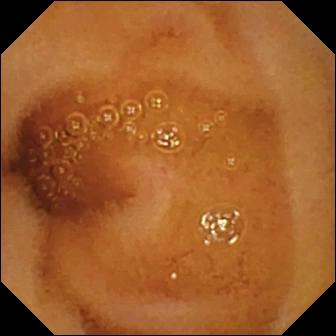Video capsule endoscopy — normal clean mucosa.